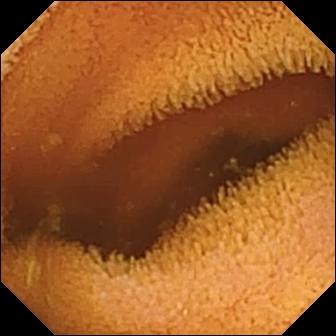Small-bowel capsule endoscopy view. Normal clean mucosa.